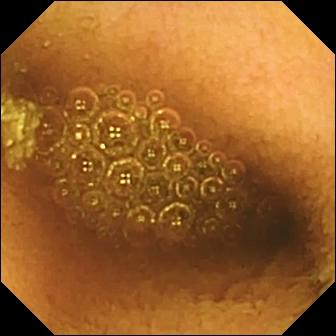{"modality": "VCE", "finding": "reduced mucosal view (content or bubbles obscuring the mucosa)"}